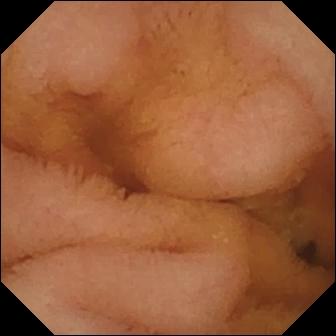Normal clean mucosa — video capsule endoscopy view of the small intestine.